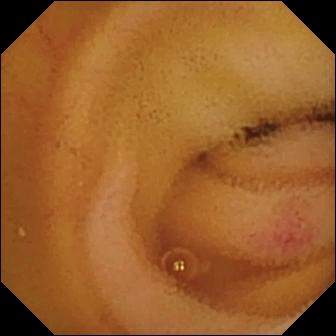Capsule endoscopy — angiectasia.